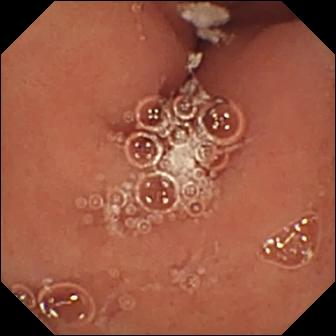Small-bowel capsule endoscopy — pylorus region (the junction between the stomach and the small bowel).